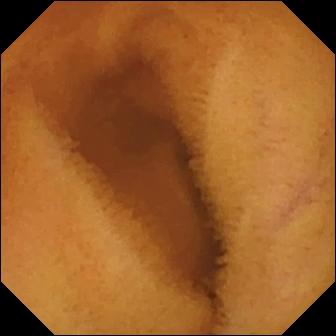Normal clean mucosa.